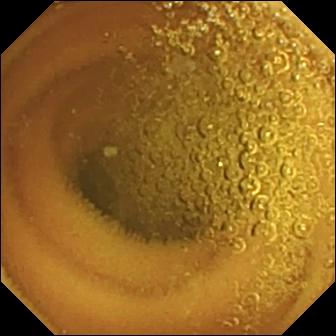This video capsule endoscopy frame shows normal clean mucosa.